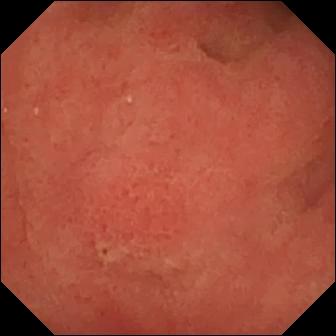Pylorus region, 336×336.